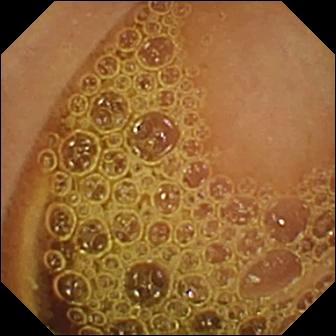Normal clean mucosa.